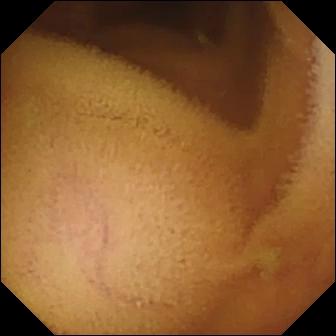This wireless capsule endoscopy snapshot shows normal clean mucosa.